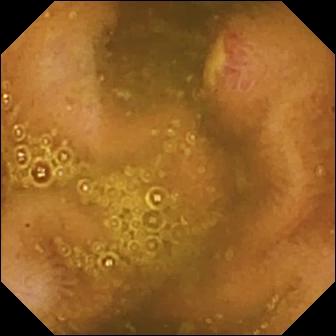Wireless capsule endoscopy still
Finding: ulcer